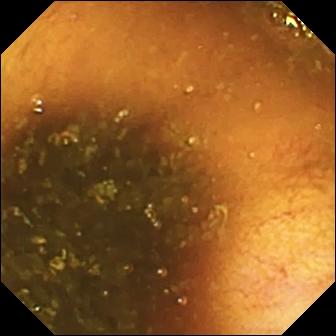This video capsule endoscopy frame was taken in the ileo-cecal valve region.